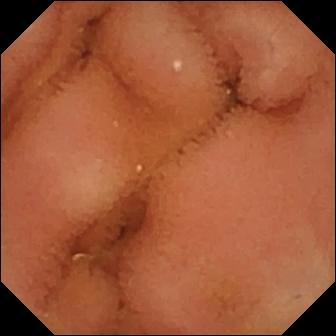Small-bowel capsule endoscopy still, small bowel
Observation: normal clean mucosa